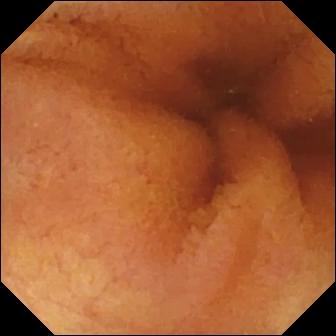WCE still. Normal clean mucosa.